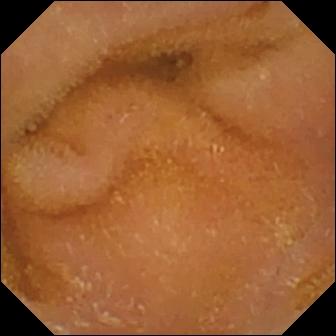- modality: small-bowel capsule endoscopy
- label: normal clean mucosa